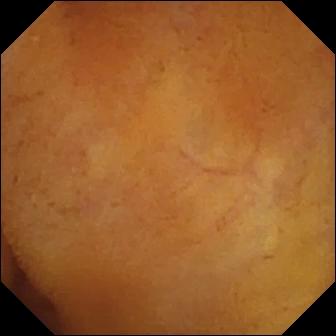{"modality": "WCE", "segment": "small intestine", "finding": "normal clean mucosa"}